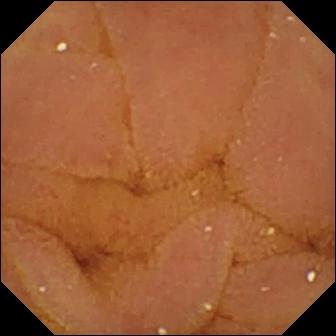This VCE view shows normal clean mucosa.